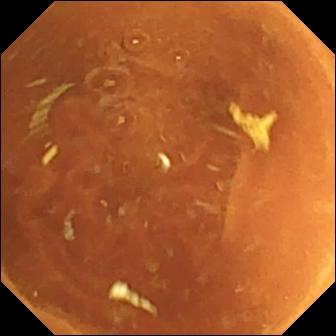Small-bowel capsule endoscopy. Small intestine. Impression: normal clean mucosa.